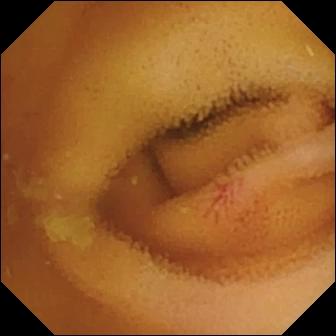WCE. Impression: angiectasia.